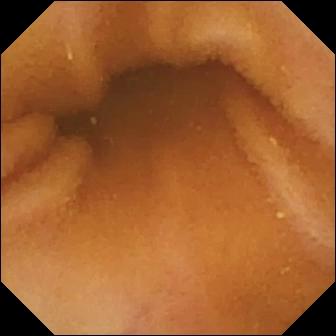Normal clean mucosa — small-bowel capsule endoscopy snapshot.